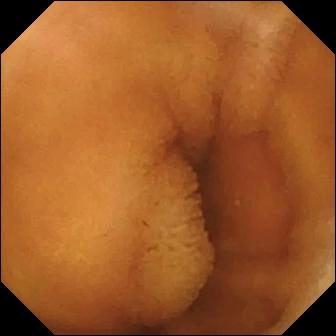Small-bowel capsule endoscopy still, small bowel
Observation: normal clean mucosa